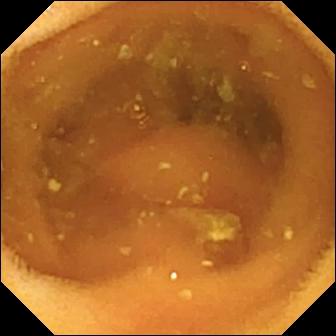PROCEDURE: Capsule endoscopy.
FINDINGS: Normal clean mucosa.